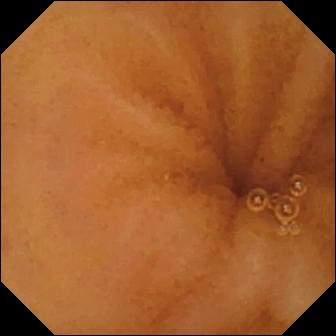Normal clean mucosa — small-bowel capsule endoscopy snapshot of the small intestine.